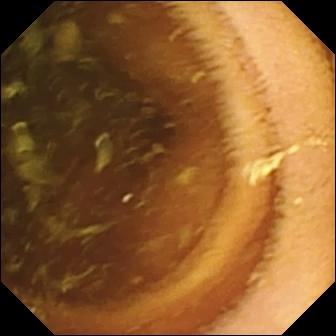Video capsule endoscopy. Small bowel. Luminal finding. Observation: normal clean mucosa.